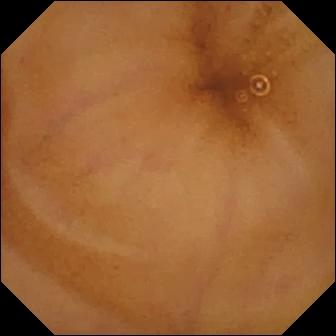Normal clean mucosa — small-bowel capsule endoscopy still of the small intestine.